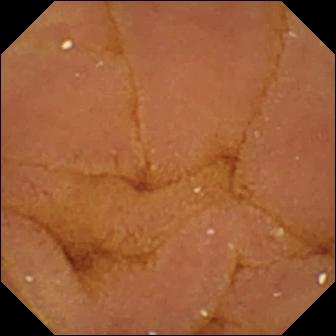PROCEDURE: Small-bowel capsule endoscopy.
FINDINGS: Normal clean mucosa.